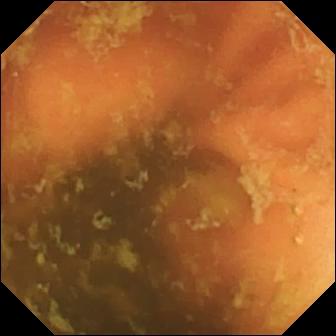Q: Where in the digestive tract was this capsule endoscopy snapshot taken?
A: Ileo-cecal valve region (the transition from the small bowel to the large bowel).